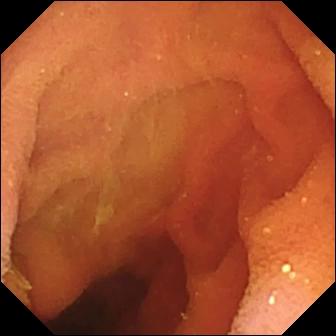Pylorus region.